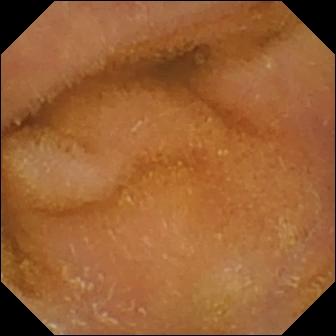Video capsule endoscopy frame of the small intestine showing normal clean mucosa.